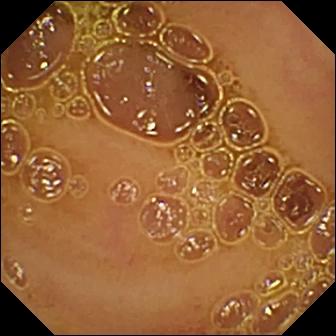{"modality": "VCE", "finding": "normal clean mucosa"}